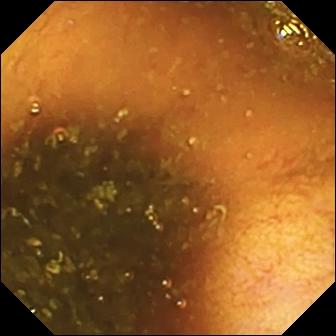Q: Where in the digestive tract was this VCE view taken?
A: Ileo-cecal valve region (the transition from the small bowel to the large bowel).